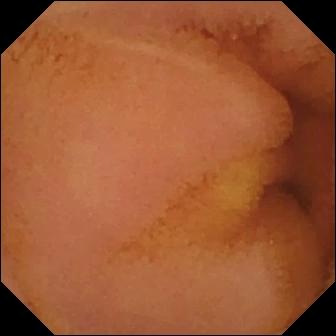VCE image. Normal clean mucosa.